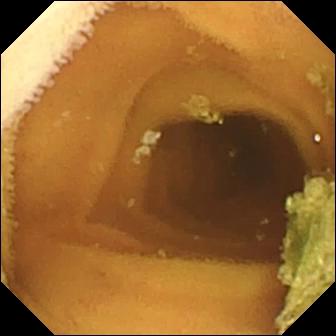This capsule endoscopy image of the small intestine shows normal clean mucosa.